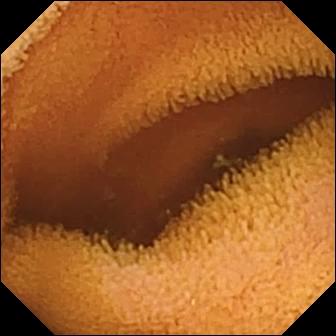WCE still
Observation: normal clean mucosa